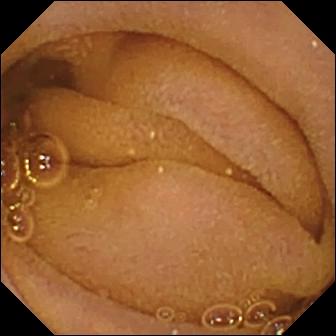{"modality": "WCE", "segment": "small bowel", "category": "luminal finding", "finding": "normal clean mucosa"}